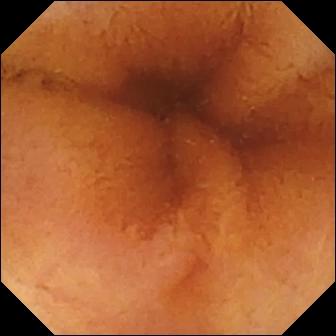{"modality": "WCE", "finding": "normal clean mucosa"}